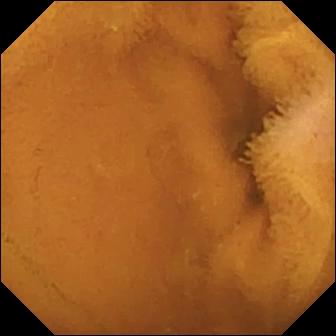PROCEDURE: WCE.
FINDINGS: Normal clean mucosa.